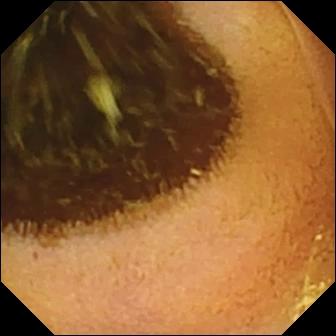This video capsule endoscopy frame shows normal clean mucosa.